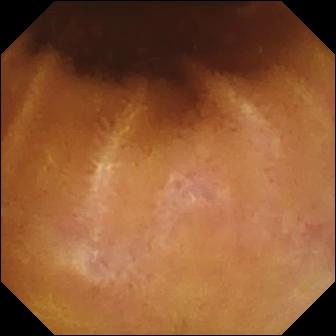WCE image showing normal clean mucosa.